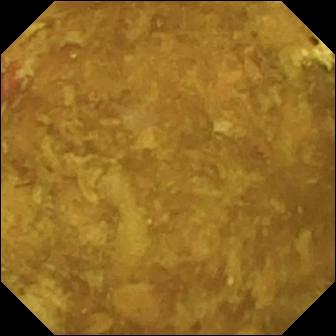{"modality": "capsule endoscopy", "segment": "small intestine", "category": "luminal finding", "finding": "reduced mucosal view (content or bubbles obscuring the mucosa)"}